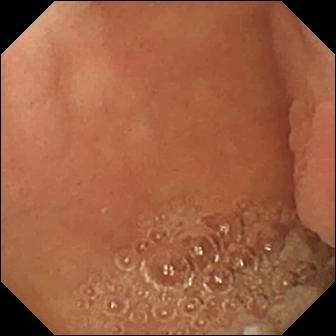PROCEDURE: Wireless capsule endoscopy.
LABEL: Pylorus region (where the capsule passes from the stomach into the small bowel).